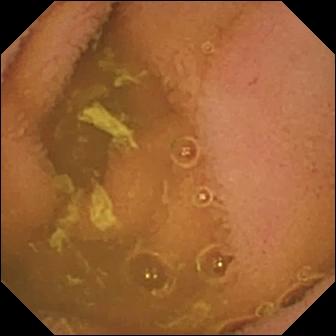Small-bowel capsule endoscopy image, small bowel
Label: normal clean mucosa